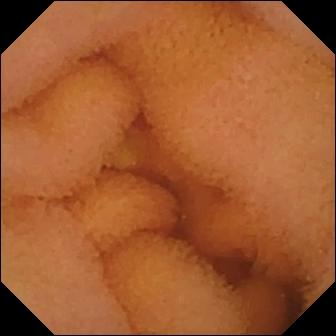Video capsule endoscopy image showing normal clean mucosa.